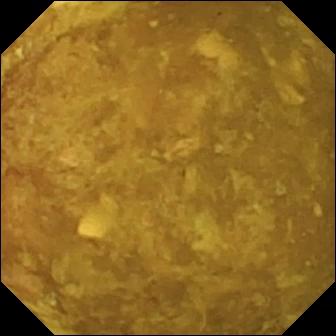PROCEDURE: WCE.
SEGMENT: Small intestine.
FINDINGS: Reduced mucosal view (content or bubbles obscuring the mucosa).